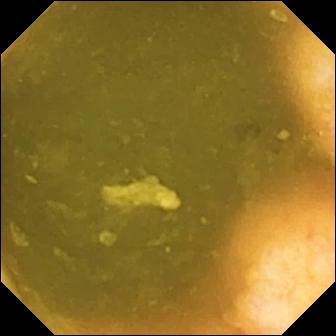Video capsule endoscopy frame
Label: ileo-cecal valve region